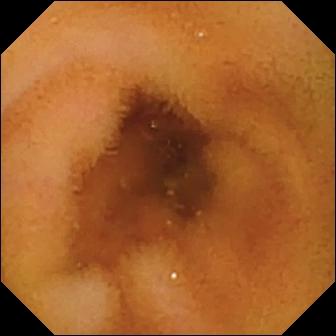Normal clean mucosa — small-bowel capsule endoscopy image of the small bowel.